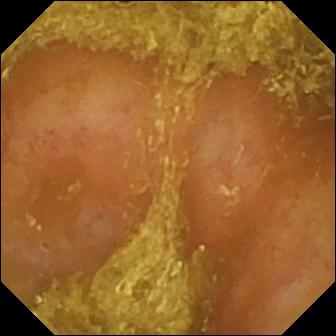Capsule endoscopy image, small intestine
Finding: reduced mucosal view (content or bubbles obscuring the mucosa)